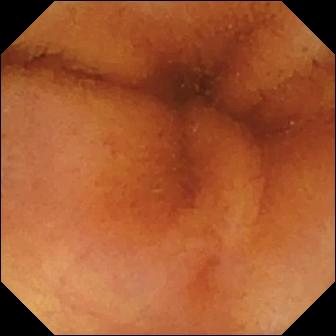WCE — normal clean mucosa.